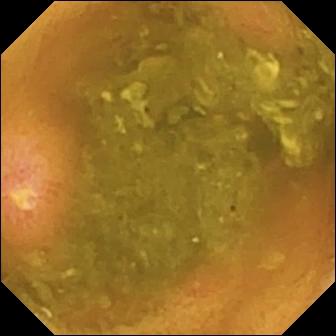WCE view. Ulcer.